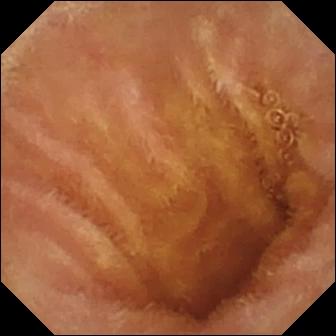Normal clean mucosa — video capsule endoscopy snapshot of the small intestine.